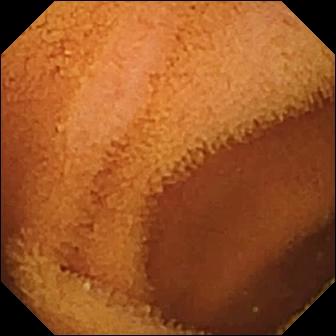This wireless capsule endoscopy snapshot of the small intestine shows normal clean mucosa.